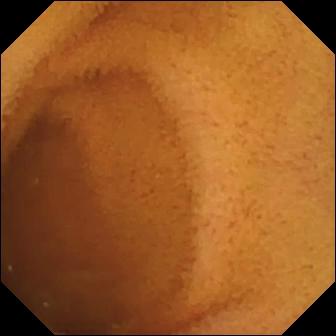WCE image (small bowel). Normal clean mucosa.